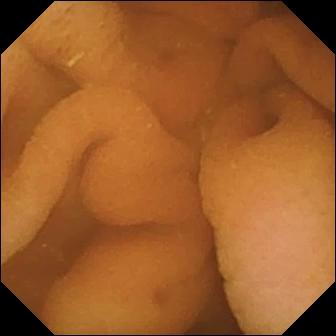PROCEDURE: WCE.
SEGMENT: Small intestine.
FINDINGS: Normal clean mucosa.